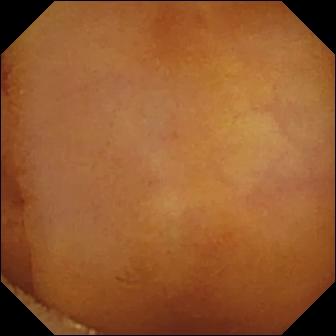Wireless capsule endoscopy frame
Impression: normal clean mucosa